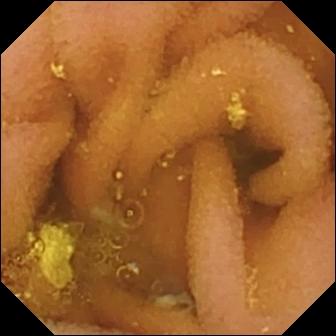Lymphangiectasia — video capsule endoscopy still.